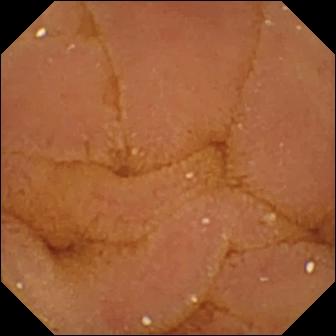PROCEDURE: Video capsule endoscopy.
FINDINGS: Normal clean mucosa.